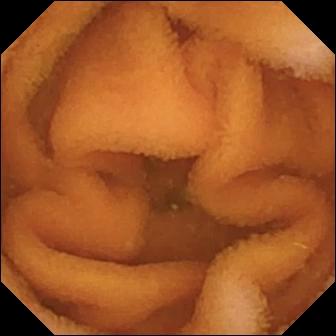- modality: VCE
- impression: normal clean mucosa